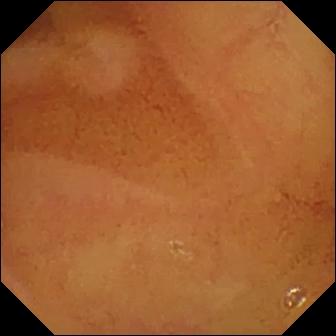{"modality": "video capsule endoscopy", "finding": "normal clean mucosa"}